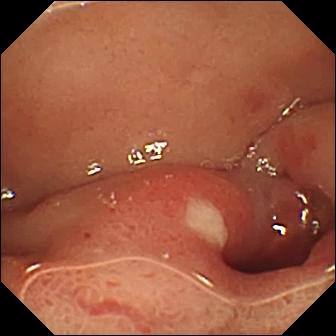{"modality": "capsule endoscopy", "finding": "ulcer"}